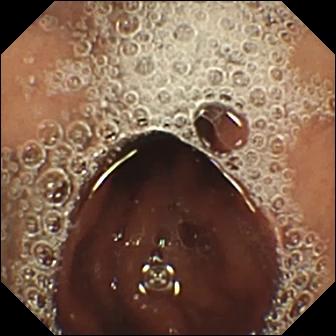Pylorus region (where the capsule passes from the stomach into the small bowel) — video capsule endoscopy frame.